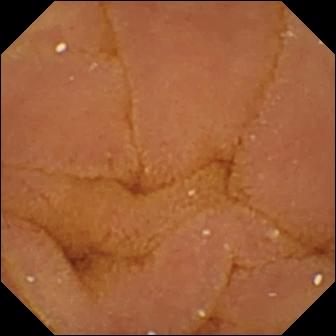PROCEDURE: Wireless capsule endoscopy.
SEGMENT: Small intestine.
FINDINGS: Normal clean mucosa.